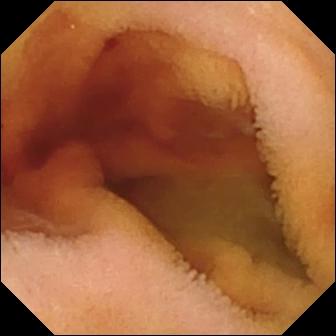Q: What does this VCE frame show?
A: Fresh blood in the lumen.